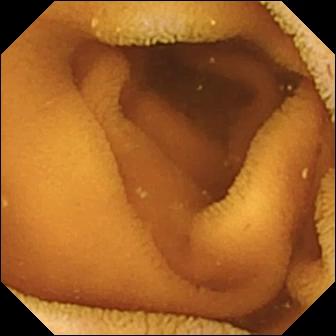{"modality": "VCE", "segment": "small intestine", "finding": "normal clean mucosa"}